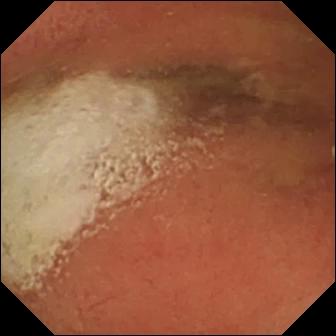Wireless capsule endoscopy. Location: pylorus region (the junction between the stomach and the small bowel).